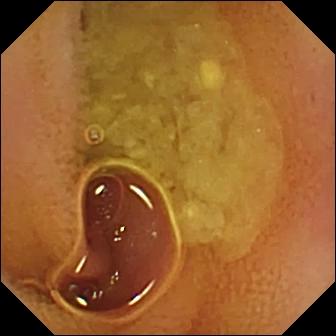Wireless capsule endoscopy still. Normal clean mucosa.